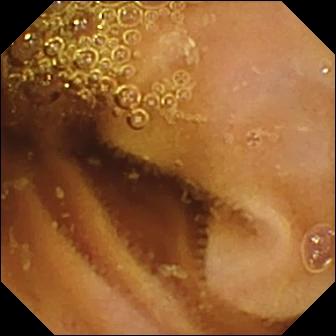Capsule endoscopy. Luminal finding. Observation: normal clean mucosa.